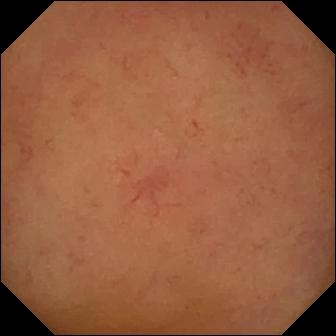WCE image
Label: normal clean mucosa